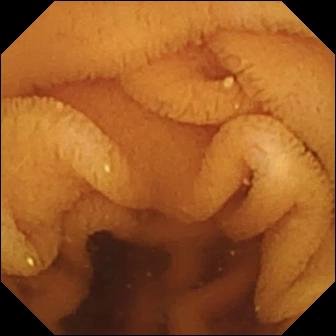modality: small-bowel capsule endoscopy; category: luminal finding; label: normal clean mucosa